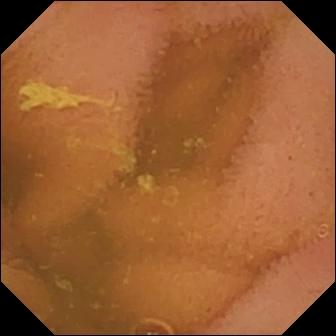WCE still
Impression: normal clean mucosa